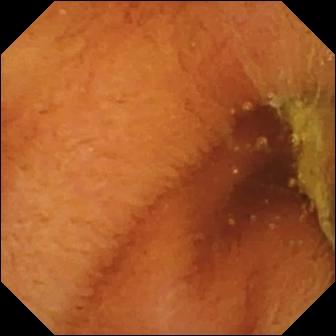Wireless capsule endoscopy still (small intestine). Normal clean mucosa.